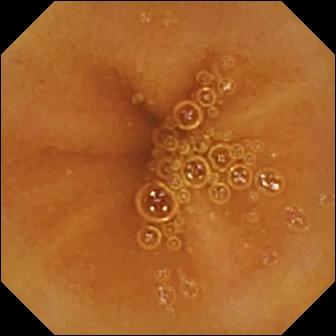Small-bowel capsule endoscopy view showing normal clean mucosa.